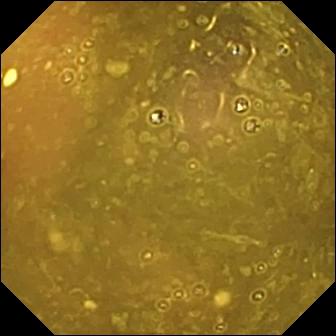Video capsule endoscopy view of the small bowel showing reduced mucosal view (content or bubbles obscuring the mucosa).